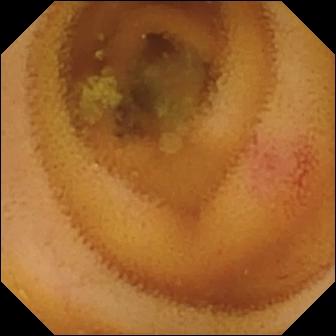modality: video capsule endoscopy; category: luminal finding; impression: angiectasia